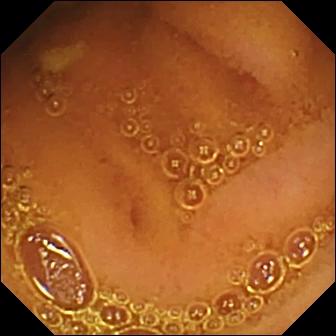modality: WCE; impression: normal clean mucosa